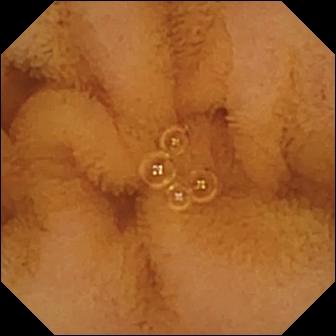{"modality": "WCE", "segment": "small intestine", "category": "luminal finding", "finding": "normal clean mucosa"}